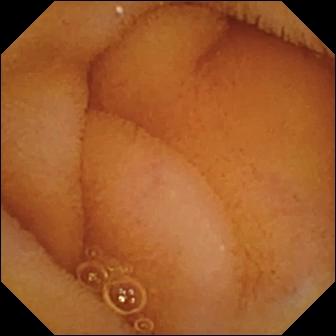modality: small-bowel capsule endoscopy
segment: small intestine
category: luminal finding
impression: normal clean mucosa